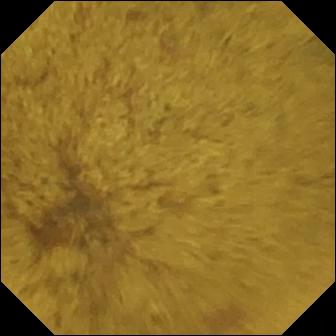VCE — ileo-cecal valve region.